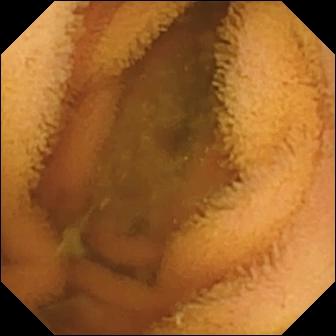{"modality": "video capsule endoscopy", "finding": "normal clean mucosa"}